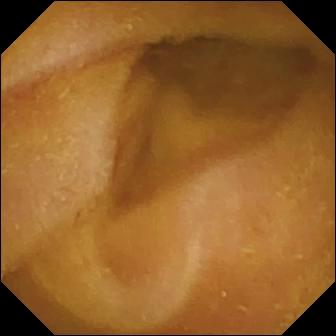- modality: VCE
- segment: small intestine
- observation: normal clean mucosa